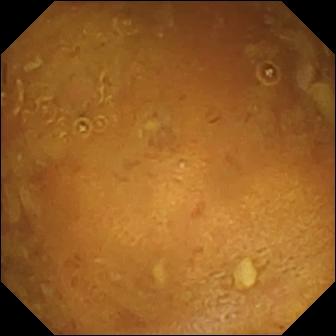Q: What does this small-bowel capsule endoscopy image of the small bowel show?
A: Reduced mucosal view (content or bubbles obscuring the mucosa).